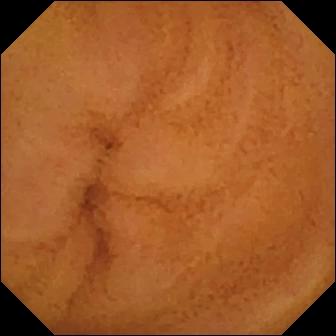Q: What does this video capsule endoscopy view of the small bowel show?
A: Normal clean mucosa.